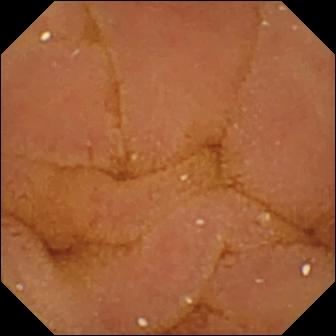Video capsule endoscopy image (small intestine). Normal clean mucosa.